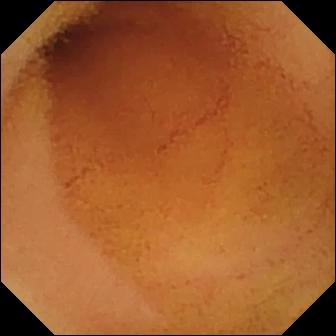WCE still (small intestine). Normal clean mucosa.